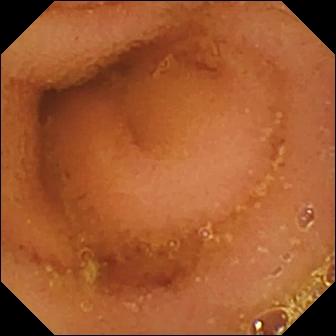PROCEDURE: Video capsule endoscopy.
SEGMENT: Small bowel.
FINDINGS: Normal clean mucosa.